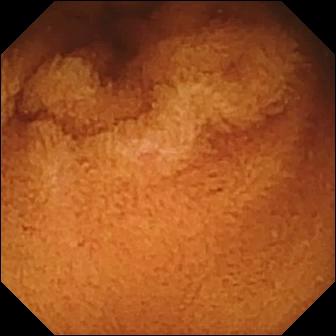Video capsule endoscopy snapshot, small intestine
Impression: normal clean mucosa